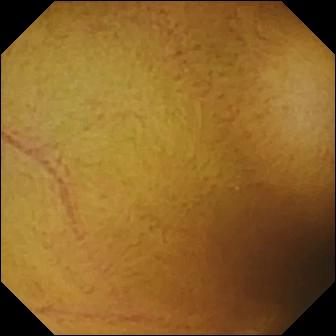Q: What does this small-bowel capsule endoscopy still of the small bowel show?
A: Normal clean mucosa.